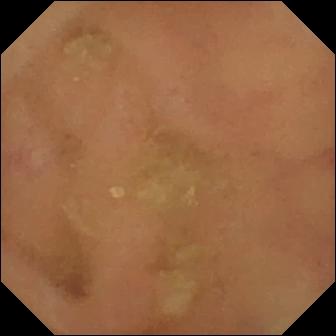Wireless capsule endoscopy — normal clean mucosa.